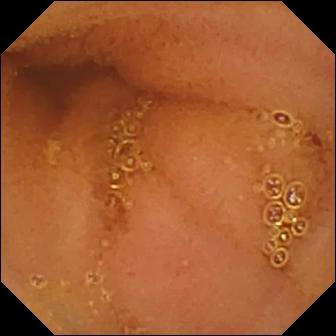Wireless capsule endoscopy. Small bowel. Label: normal clean mucosa.